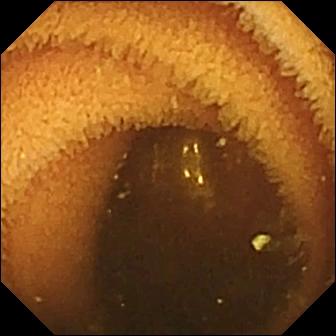Q: What does this capsule endoscopy view of the small bowel show?
A: Normal clean mucosa.